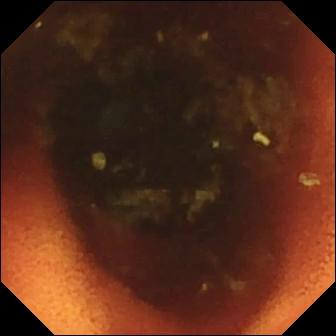Wireless capsule endoscopy — ileo-cecal valve region (the transition from the small bowel to the large bowel).